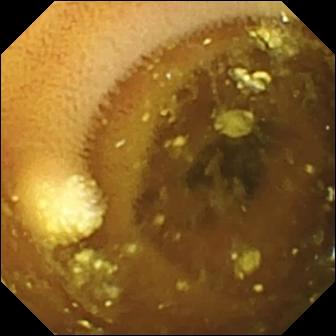Video capsule endoscopy view
Finding: lymphangiectasia